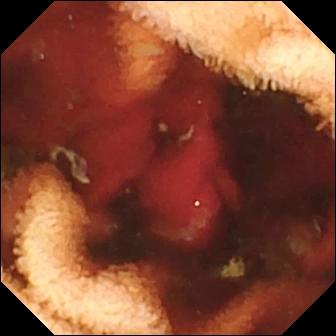Small-bowel capsule endoscopy view
Finding: fresh blood in the lumen